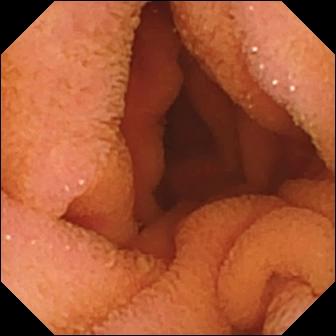Normal clean mucosa — VCE snapshot of the small bowel.